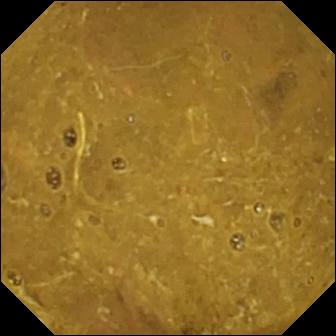WCE view. Taken in the ileo-cecal valve region (the transition from the small bowel to the large bowel).